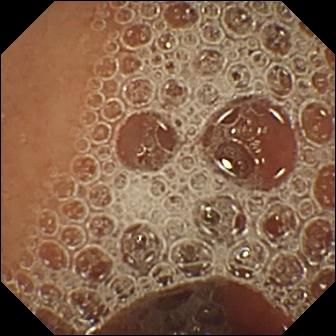PROCEDURE: Wireless capsule endoscopy.
FINDINGS: Normal clean mucosa.